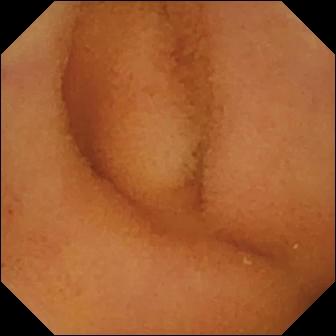Small-bowel capsule endoscopy. Small bowel. Impression: normal clean mucosa.